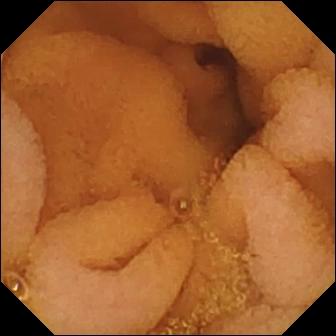WCE frame of the small intestine showing normal clean mucosa.